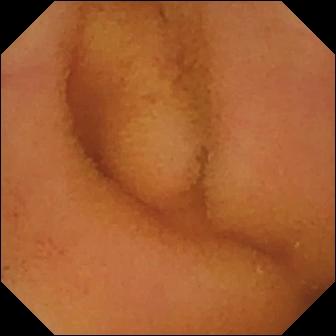{"modality": "wireless capsule endoscopy", "category": "luminal finding", "finding": "normal clean mucosa"}